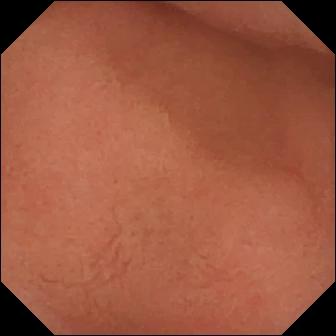Q: Where in the digestive tract was this small-bowel capsule endoscopy snapshot taken?
A: Pylorus region.